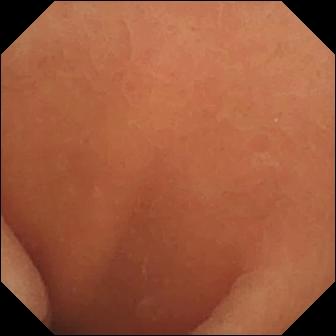Q: What does this small-bowel capsule endoscopy frame show?
A: Normal clean mucosa.